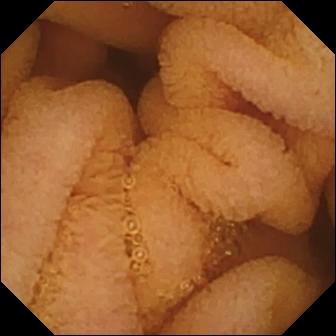Wireless capsule endoscopy still of the small bowel showing normal clean mucosa.